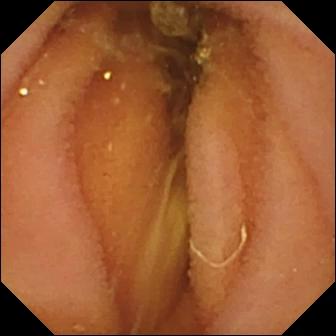Small-bowel capsule endoscopy. Observation: normal clean mucosa.